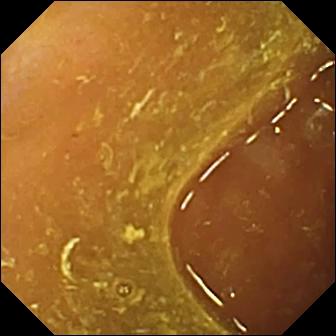- modality: capsule endoscopy
- category: anatomical landmark
- position: ileo-cecal valve region (the transition from the small bowel to the large bowel)